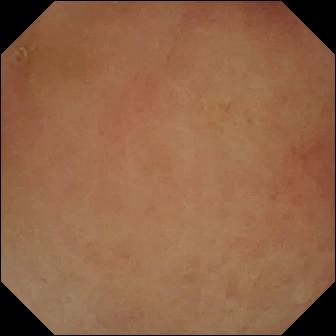Video capsule endoscopy still taken in the pylorus region (where the capsule passes from the stomach into the small bowel).